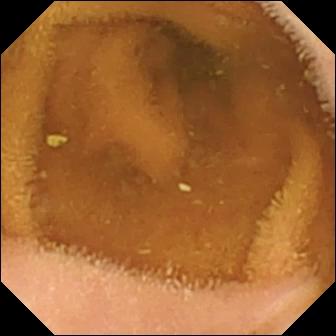- modality: wireless capsule endoscopy
- category: luminal finding
- observation: normal clean mucosa